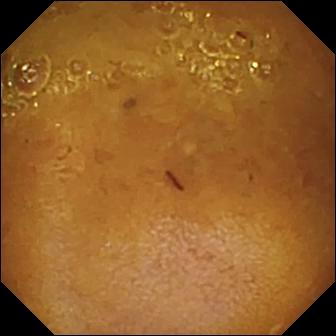WCE snapshot (small bowel). Reduced mucosal view (content or bubbles obscuring the mucosa).